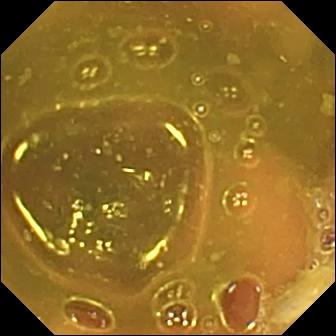VCE — ileo-cecal valve region (where the capsule passes from the small bowel into the large bowel).